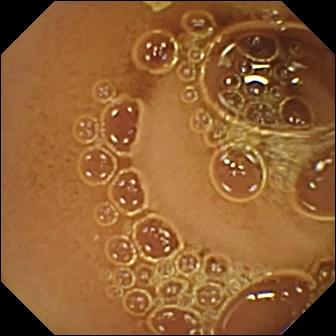PROCEDURE: Wireless capsule endoscopy.
FINDINGS: Normal clean mucosa.